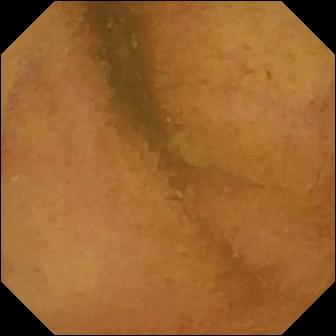modality: WCE
segment: small intestine
finding: normal clean mucosa